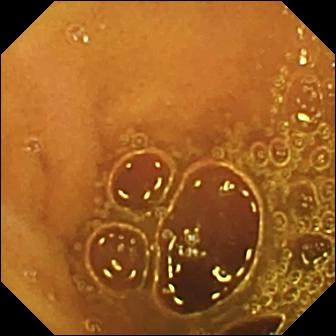Capsule endoscopy frame, small intestine
Label: normal clean mucosa